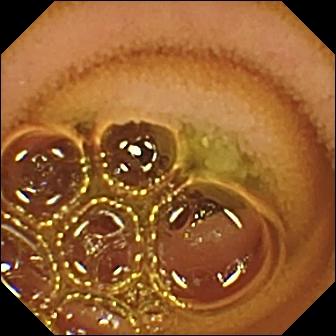Capsule endoscopy frame. Normal clean mucosa.